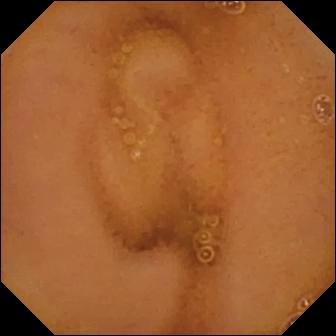PROCEDURE: Video capsule endoscopy.
SEGMENT: Small bowel.
FINDINGS: Normal clean mucosa.